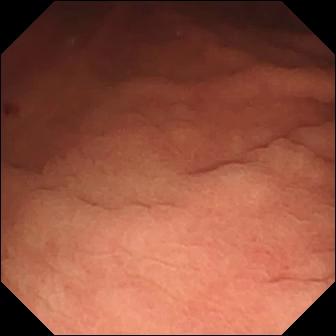Angiectasia — VCE snapshot.